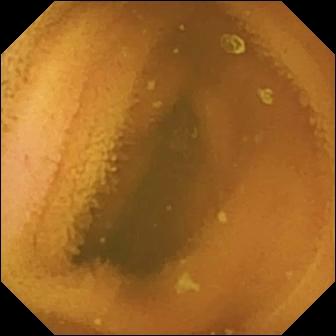Video capsule endoscopy — normal clean mucosa.